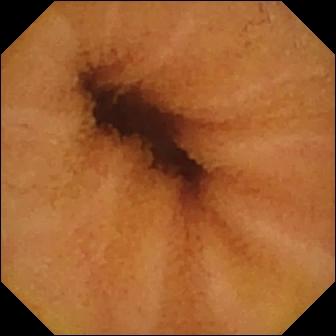WCE view
Finding: normal clean mucosa